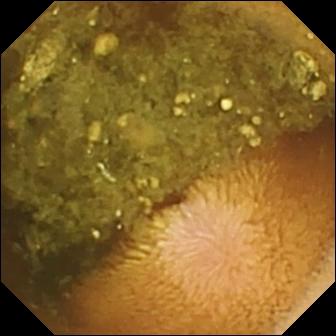Video capsule endoscopy — reduced mucosal view (content or bubbles obscuring the mucosa).